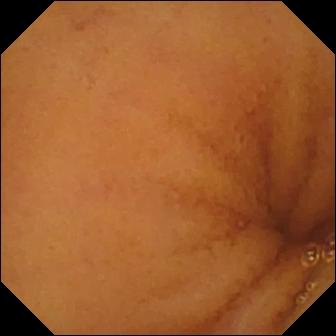Capsule endoscopy — normal clean mucosa.